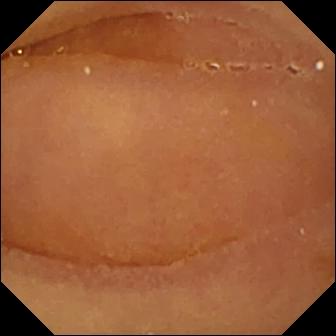VCE — normal clean mucosa.